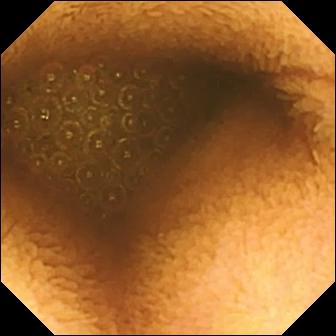WCE still (small intestine). Reduced mucosal view (content or bubbles obscuring the mucosa).